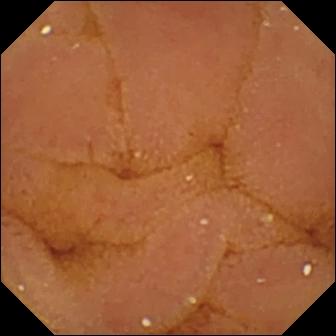modality: video capsule endoscopy
segment: small bowel
category: luminal finding
observation: normal clean mucosa